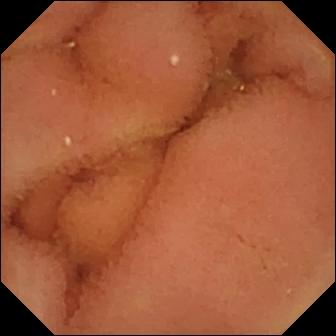Normal clean mucosa.